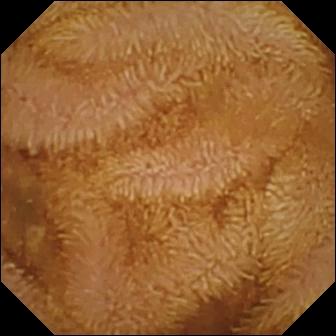Normal clean mucosa — video capsule endoscopy image.